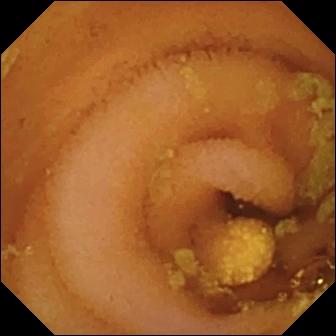Lymphangiectasia.